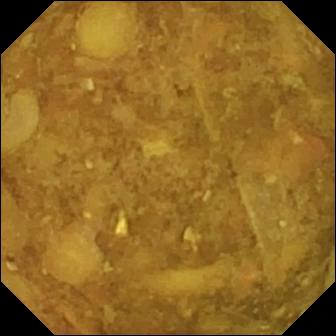modality: small-bowel capsule endoscopy
category: luminal finding
impression: reduced mucosal view (content or bubbles obscuring the mucosa)